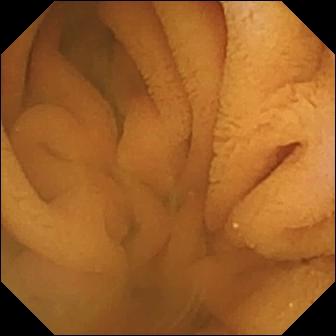PROCEDURE: Small-bowel capsule endoscopy.
FINDINGS: Normal clean mucosa.